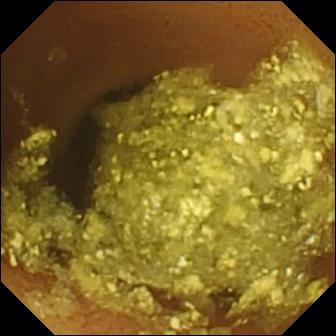Normal clean mucosa — small-bowel capsule endoscopy still of the small intestine.